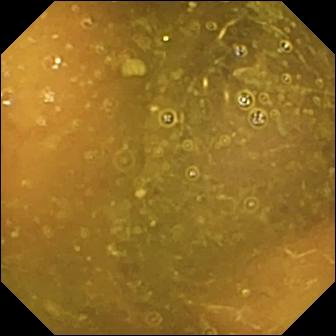{"modality": "VCE", "segment": "small intestine", "category": "luminal finding", "finding": "reduced mucosal view (content or bubbles obscuring the mucosa)"}